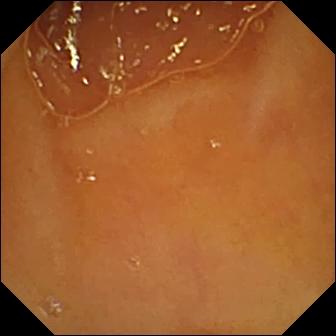WCE still of the small bowel showing normal clean mucosa.